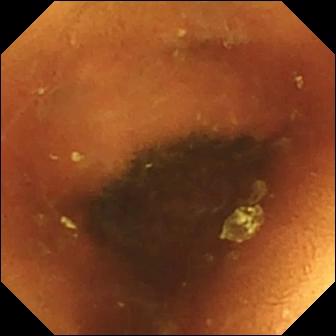This wireless capsule endoscopy view of the small intestine shows normal clean mucosa.